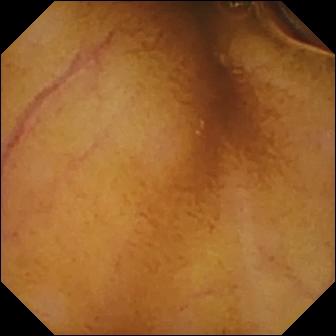This WCE snapshot shows normal clean mucosa.